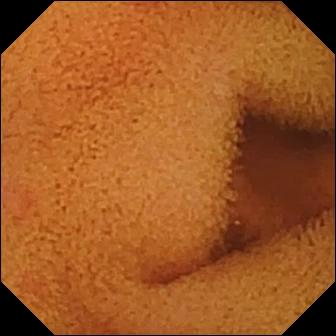Wireless capsule endoscopy view, small bowel
Finding: normal clean mucosa